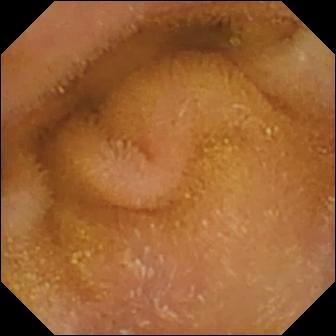- modality: capsule endoscopy
- segment: small bowel
- observation: normal clean mucosa